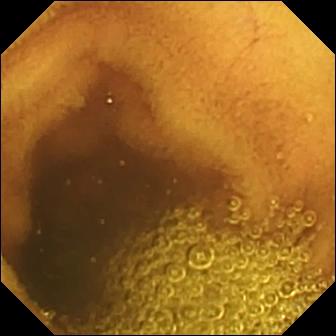Normal clean mucosa.